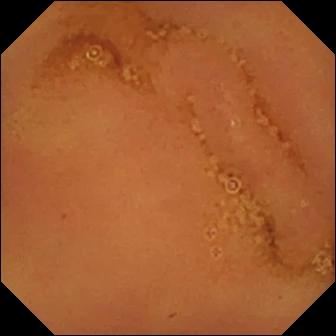WCE frame
Impression: normal clean mucosa